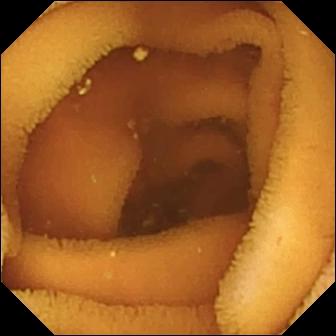{"modality": "WCE", "segment": "small intestine", "finding": "normal clean mucosa"}